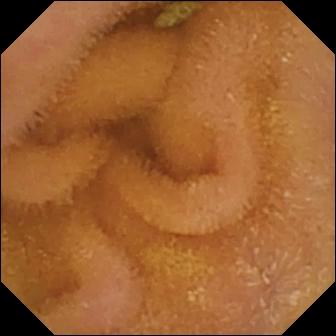Normal clean mucosa.